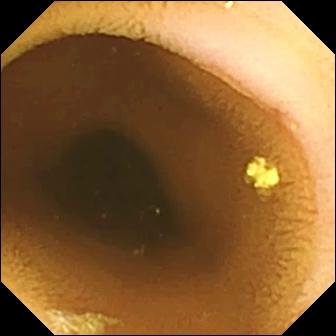Small-bowel capsule endoscopy. Small bowel. Luminal finding. Finding: normal clean mucosa.